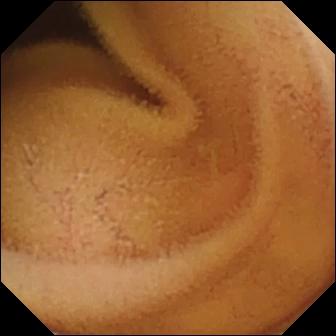- modality: wireless capsule endoscopy
- category: luminal finding
- impression: normal clean mucosa